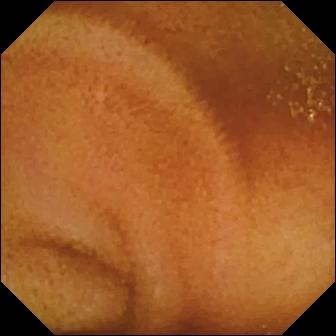This small-bowel capsule endoscopy snapshot shows normal clean mucosa.